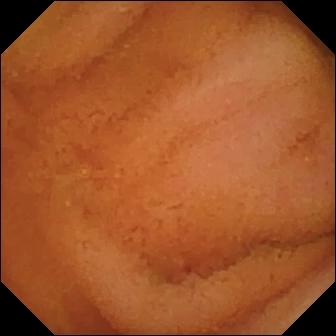Wireless capsule endoscopy view showing normal clean mucosa.